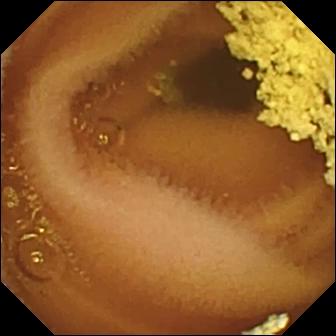WCE still
Label: normal clean mucosa